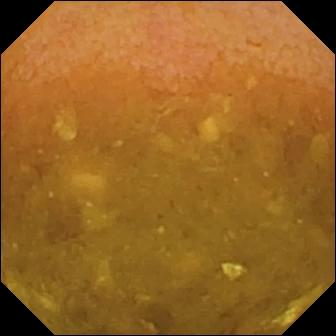PROCEDURE: WCE.
SEGMENT: Small intestine.
FINDINGS: Reduced mucosal view (content or bubbles obscuring the mucosa).